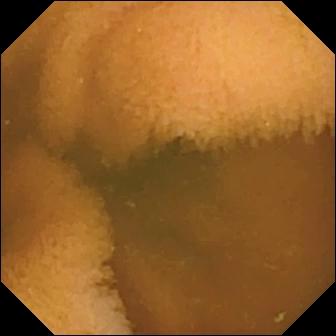- modality: wireless capsule endoscopy
- segment: small intestine
- category: luminal finding
- label: normal clean mucosa